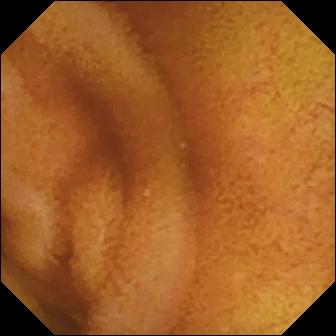- modality: small-bowel capsule endoscopy
- category: luminal finding
- finding: normal clean mucosa